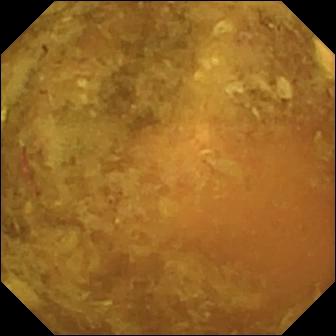Wireless capsule endoscopy snapshot of the small intestine showing reduced mucosal view (content or bubbles obscuring the mucosa).